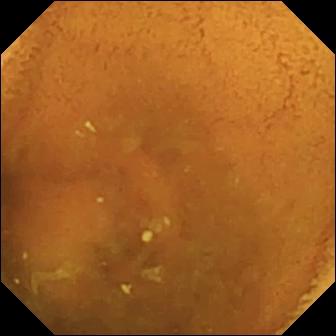Video capsule endoscopy image. Normal clean mucosa.